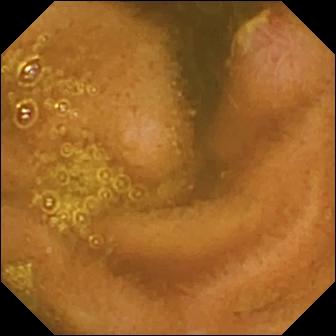VCE. Luminal finding. Finding: ulcer.